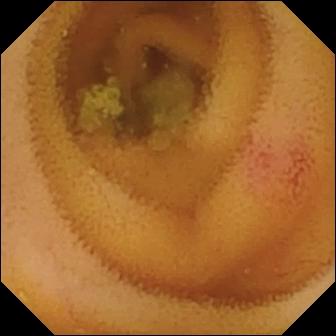{"modality": "WCE", "finding": "angiectasia"}